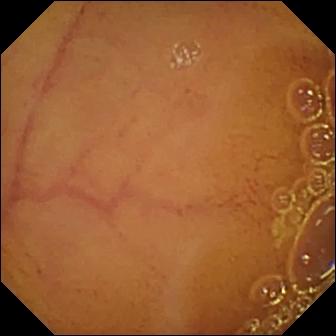{"modality": "WCE", "segment": "small intestine", "finding": "normal clean mucosa"}